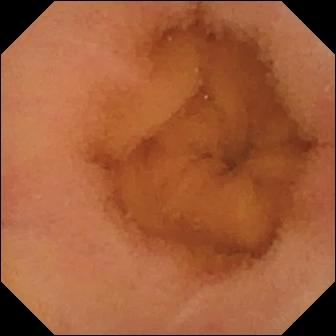modality: wireless capsule endoscopy; segment: small bowel; category: luminal finding; finding: normal clean mucosa